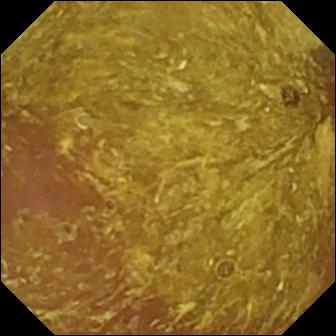VCE image showing reduced mucosal view (content or bubbles obscuring the mucosa).